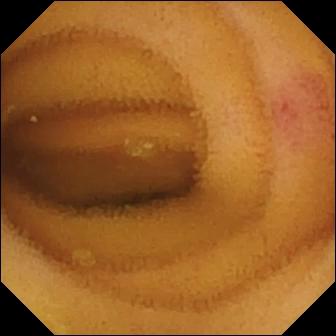Angiectasia — video capsule endoscopy snapshot.